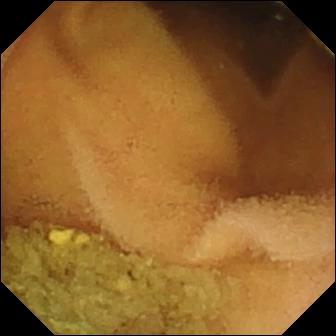Normal clean mucosa.